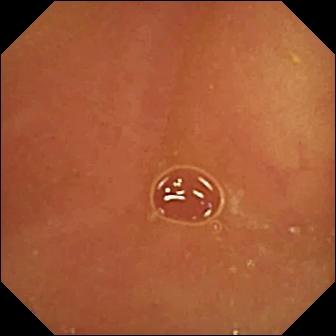This video capsule endoscopy still shows normal clean mucosa.